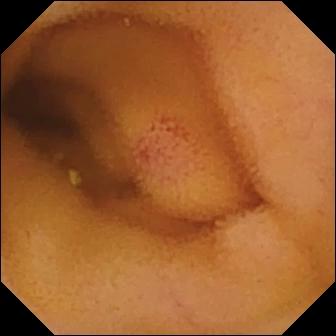- modality: VCE
- finding: angiectasia